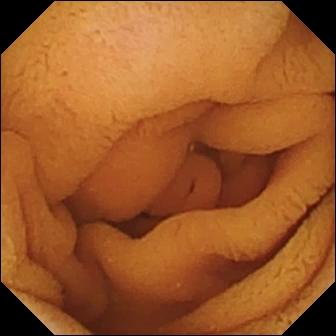- modality: WCE
- segment: small bowel
- label: normal clean mucosa